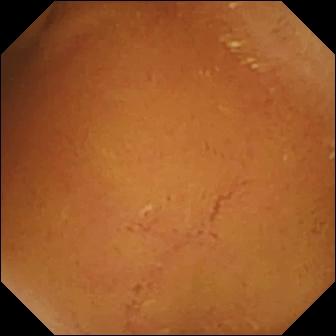PROCEDURE: WCE.
SEGMENT: Small intestine.
FINDINGS: Normal clean mucosa.